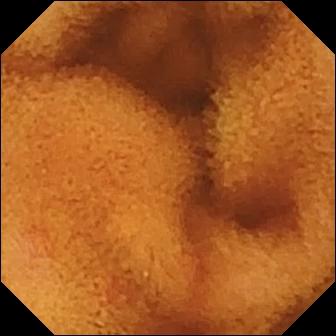Wireless capsule endoscopy — normal clean mucosa.